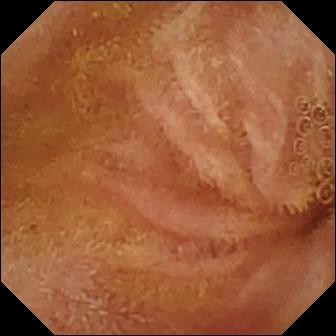modality: wireless capsule endoscopy | segment: small intestine | finding: normal clean mucosa